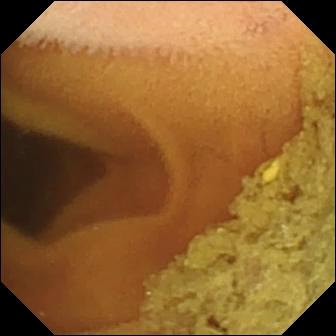WCE snapshot showing normal clean mucosa.